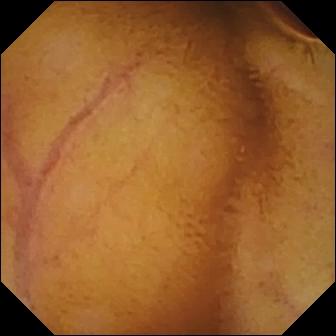This small-bowel capsule endoscopy view shows normal clean mucosa.